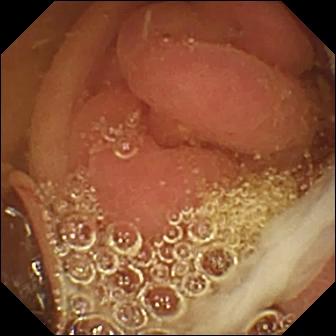{"modality": "video capsule endoscopy", "position": "pylorus region (where the capsule passes from the stomach into the small bowel)"}